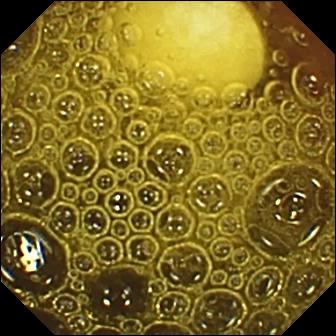{"modality": "WCE", "finding": "foreign body (e.g. retained capsule, tablet residue)"}